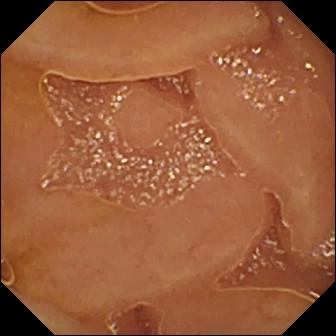Q: What does this WCE still show?
A: Normal clean mucosa.